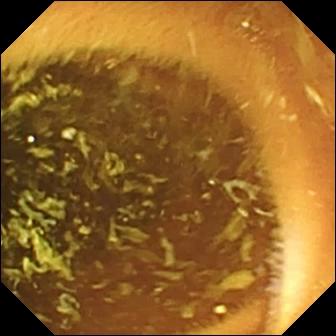Small-bowel capsule endoscopy — normal clean mucosa.